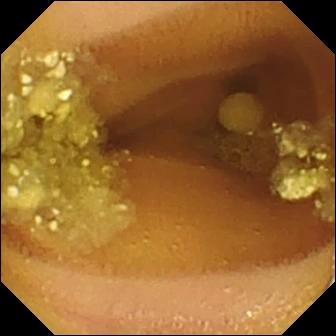Small-bowel capsule endoscopy view showing lymphangiectasia.